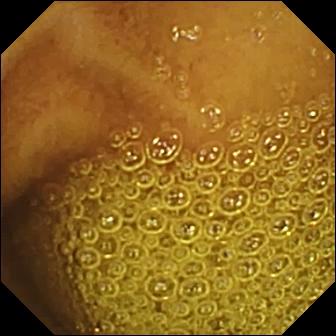Wireless capsule endoscopy — normal clean mucosa.